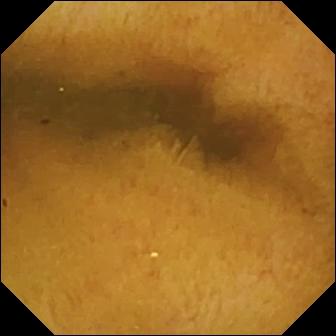WCE snapshot (small bowel). Normal clean mucosa.